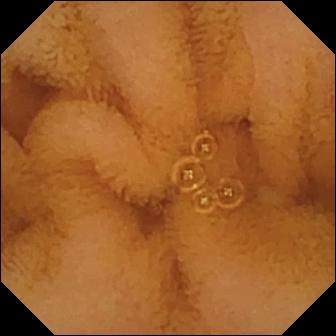- modality: capsule endoscopy
- label: normal clean mucosa